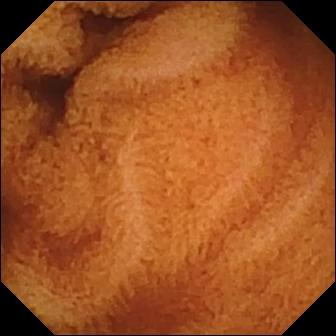{"modality": "wireless capsule endoscopy", "finding": "normal clean mucosa"}